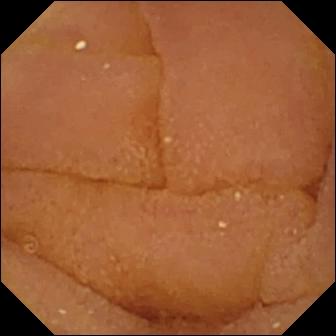Capsule endoscopy still
Observation: normal clean mucosa